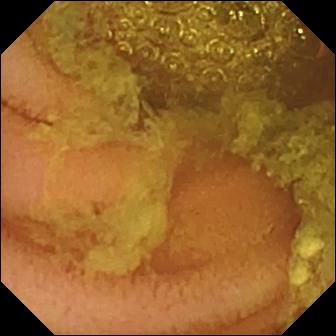PROCEDURE: VCE.
SEGMENT: Small intestine.
FINDINGS: Normal clean mucosa.